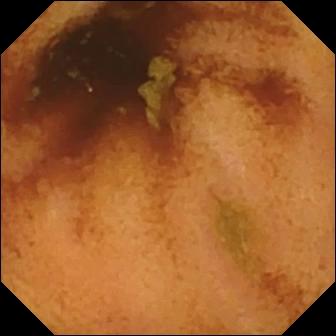WCE view. Normal clean mucosa.